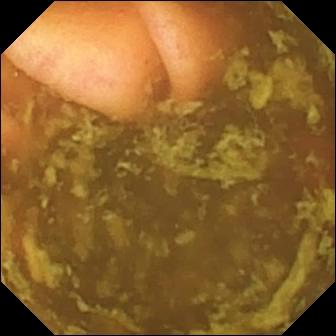This WCE image was taken in the ileo-cecal valve region.